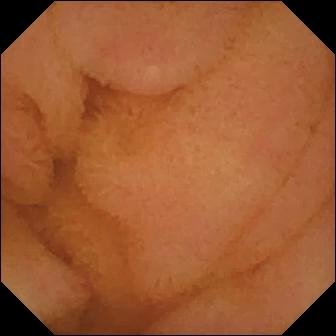This video capsule endoscopy view of the small bowel shows normal clean mucosa.